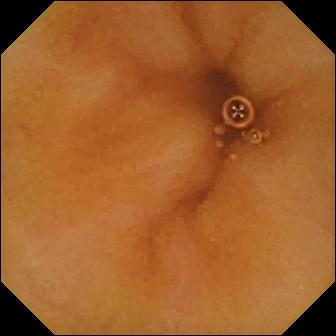Video capsule endoscopy image (small intestine), 336×336. Normal clean mucosa.